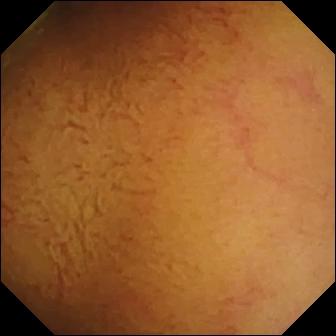WCE — normal clean mucosa.